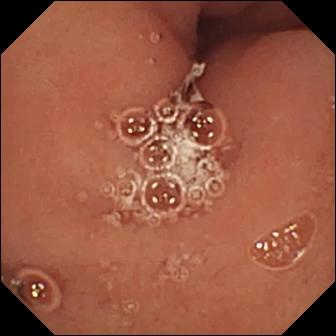Pylorus region — video capsule endoscopy frame.